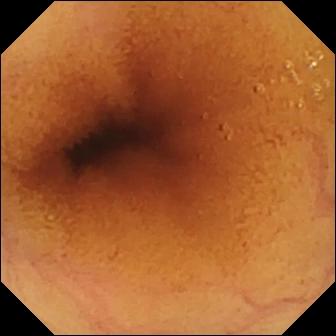modality: capsule endoscopy; impression: normal clean mucosa